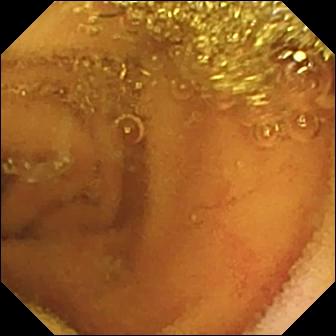Normal clean mucosa — VCE image of the small intestine.